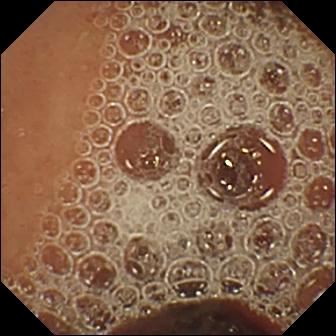Small-bowel capsule endoscopy frame
Finding: normal clean mucosa